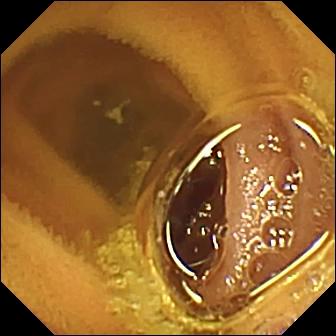VCE frame, small bowel
Impression: normal clean mucosa